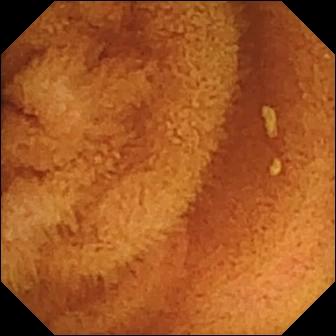modality: small-bowel capsule endoscopy | segment: small bowel | label: normal clean mucosa